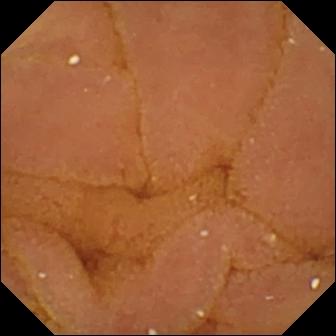- modality: VCE
- observation: normal clean mucosa